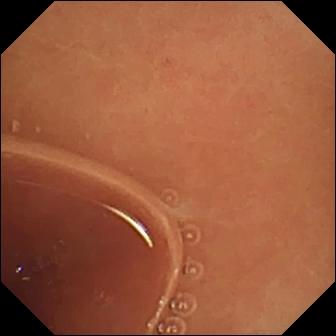modality: small-bowel capsule endoscopy; finding: normal clean mucosa